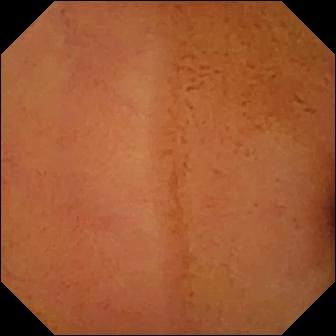Wireless capsule endoscopy. Small bowel. Label: normal clean mucosa.